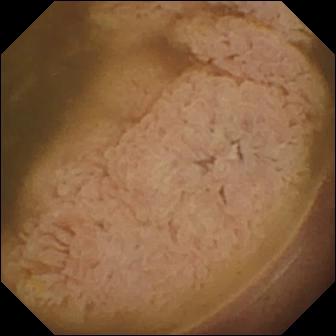modality: wireless capsule endoscopy
video segment: ileo-cecal valve region (where the capsule passes from the small bowel into the large bowel)